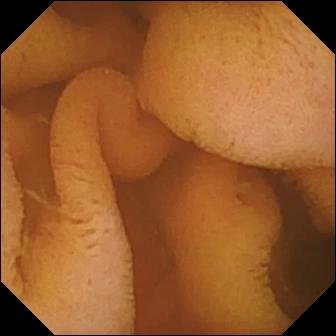Normal clean mucosa — wireless capsule endoscopy view of the small intestine.